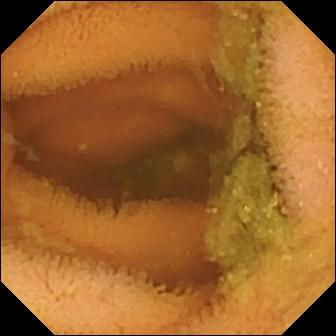VCE frame (small bowel). Normal clean mucosa.